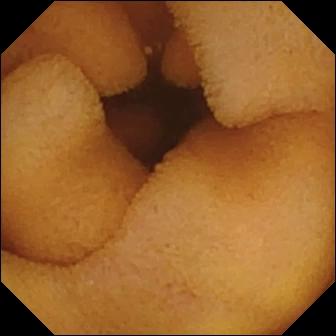modality: small-bowel capsule endoscopy | segment: small bowel | impression: normal clean mucosa